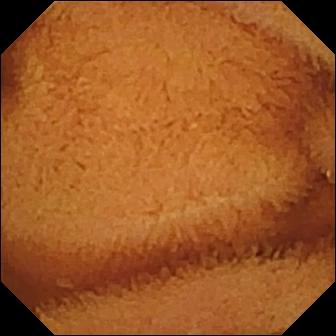Q: What does this capsule endoscopy image of the small intestine show?
A: Normal clean mucosa.